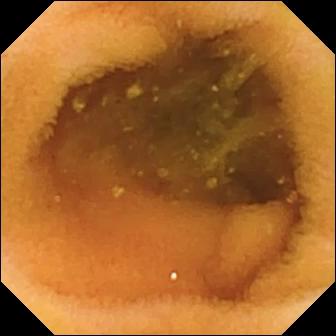{"modality": "wireless capsule endoscopy", "finding": "normal clean mucosa"}